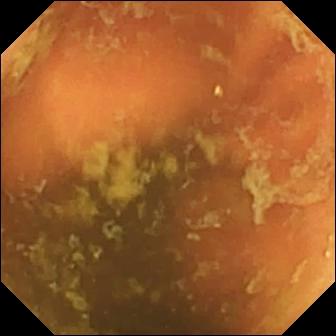Ileo-cecal valve region (the transition from the small bowel to the large bowel) — small-bowel capsule endoscopy still.